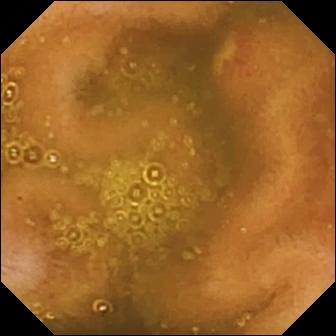Video capsule endoscopy. Finding: ulcer.